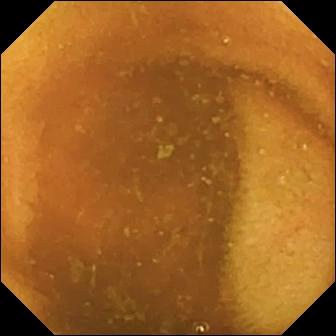Q: What does this small-bowel capsule endoscopy still of the small bowel show?
A: Normal clean mucosa.